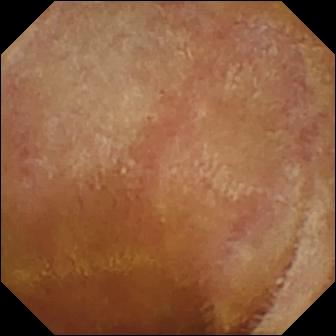{"modality": "VCE", "finding": "normal clean mucosa"}